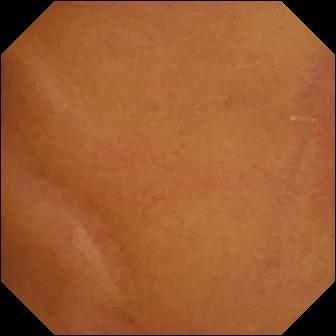This WCE image shows normal clean mucosa.